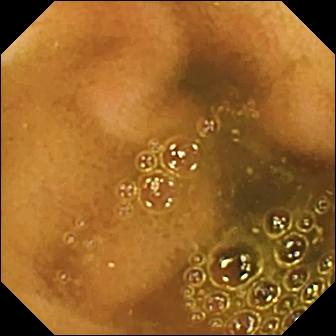This WCE still was taken in the ileo-cecal valve region (the transition from the small bowel to the large bowel).